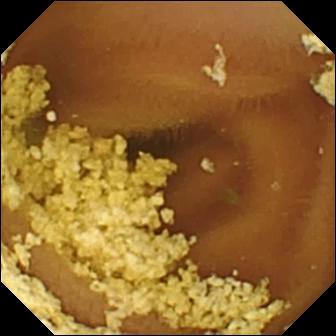Wireless capsule endoscopy. Luminal finding. Finding: normal clean mucosa.